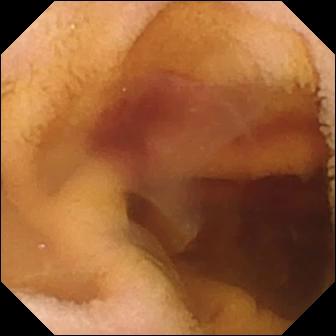PROCEDURE: Small-bowel capsule endoscopy.
FINDINGS: Fresh blood in the lumen.